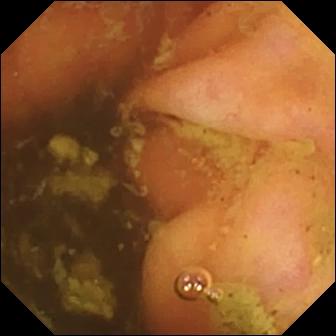Capsule endoscopy frame taken in the ileo-cecal valve region.